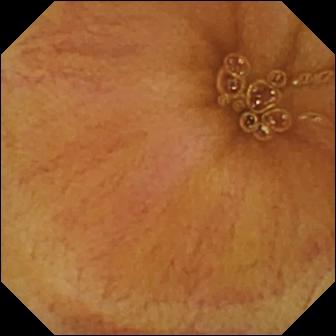- modality: small-bowel capsule endoscopy
- segment: small bowel
- category: luminal finding
- impression: normal clean mucosa